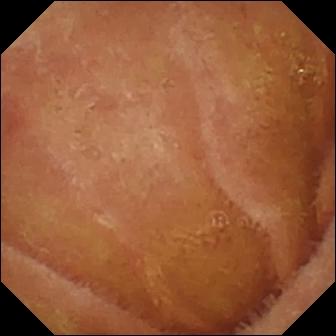{"modality": "WCE", "finding": "normal clean mucosa"}